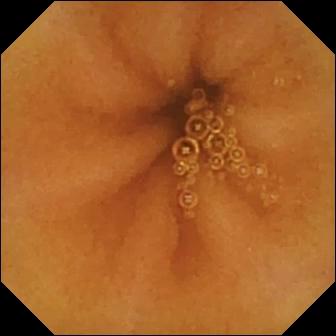This small-bowel capsule endoscopy view shows normal clean mucosa.